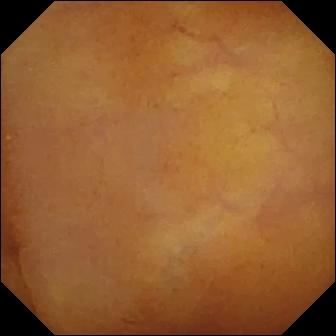modality: VCE | category: luminal finding | label: normal clean mucosa